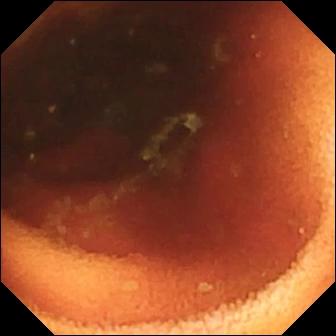VCE frame
Video segment: ileo-cecal valve region (where the capsule passes from the small bowel into the large bowel)